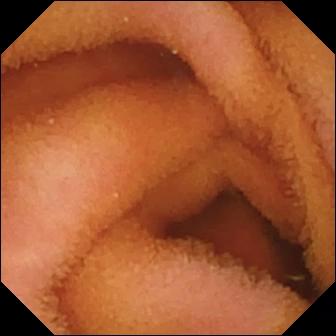WCE still, 336×336. Normal clean mucosa.